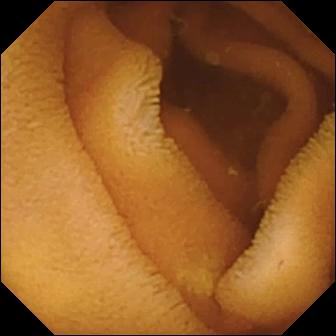Q: What does this capsule endoscopy image of the small intestine show?
A: Normal clean mucosa.